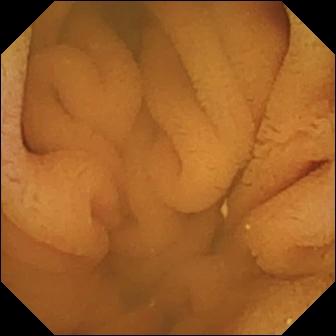This small-bowel capsule endoscopy image of the small intestine shows normal clean mucosa.